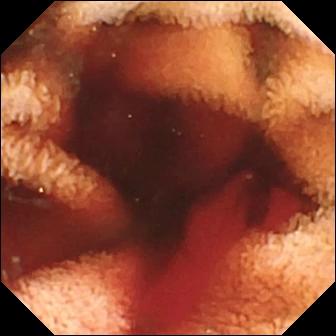Fresh blood in the lumen.